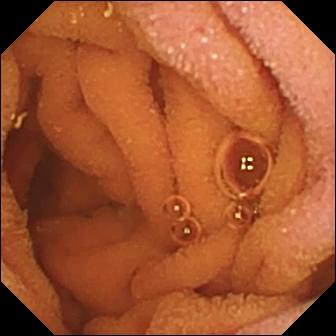Video capsule endoscopy image, small intestine
Label: normal clean mucosa